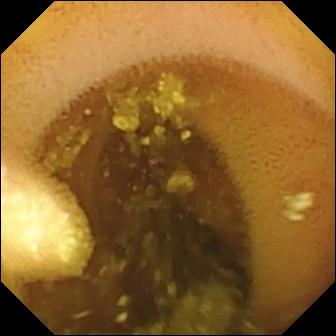Q: What does this wireless capsule endoscopy image show?
A: Lymphangiectasia.